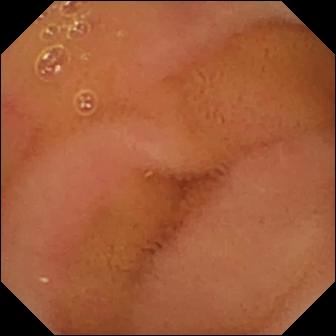{"modality": "wireless capsule endoscopy", "segment": "small bowel", "category": "luminal finding", "finding": "normal clean mucosa"}